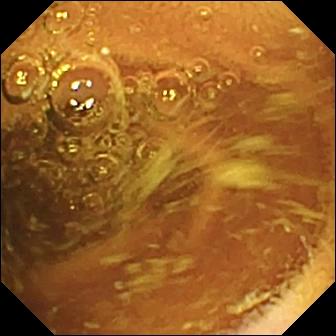Q: What does this wireless capsule endoscopy frame show?
A: Normal clean mucosa.